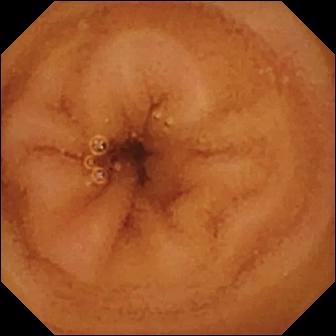Capsule endoscopy still, small intestine
Finding: normal clean mucosa